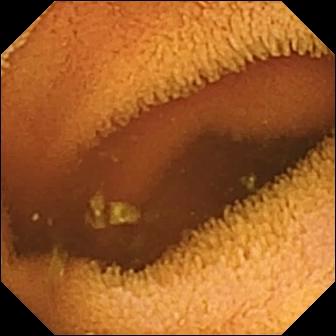Video capsule endoscopy — normal clean mucosa.